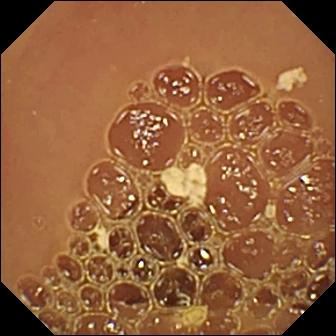Q: What does this WCE snapshot show?
A: Normal clean mucosa.